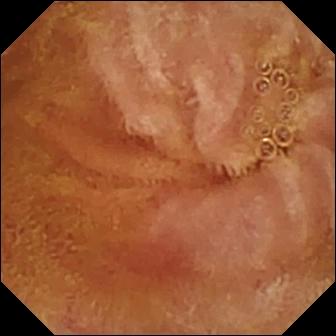Normal clean mucosa — small-bowel capsule endoscopy snapshot.